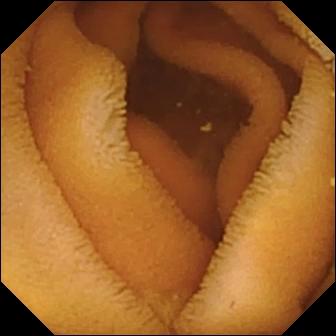PROCEDURE: Video capsule endoscopy.
FINDINGS: Normal clean mucosa.